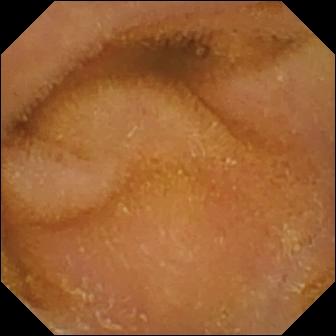modality: WCE
impression: normal clean mucosa